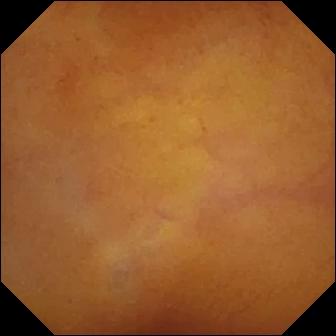This wireless capsule endoscopy view shows normal clean mucosa.